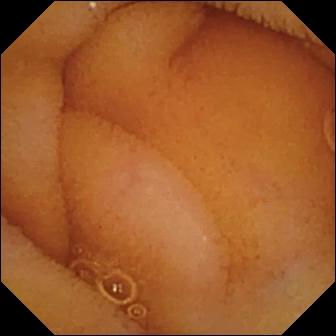WCE — normal clean mucosa.